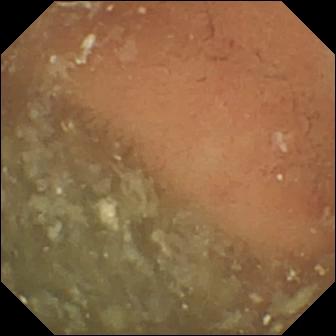WCE still of the small intestine showing normal clean mucosa.